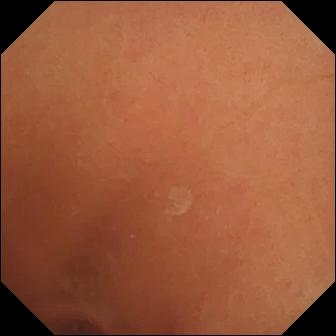Normal clean mucosa.